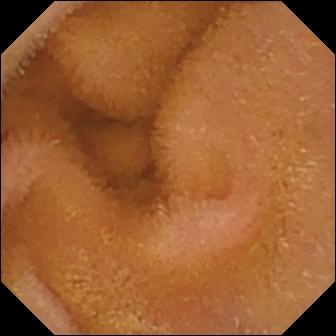Small-bowel capsule endoscopy image, 336×336. Normal clean mucosa.